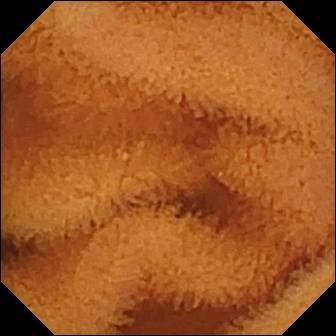Normal clean mucosa — VCE image of the small intestine.